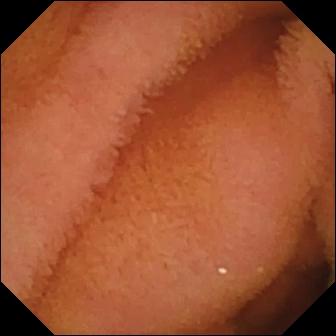{"modality": "WCE", "segment": "small bowel", "finding": "normal clean mucosa"}